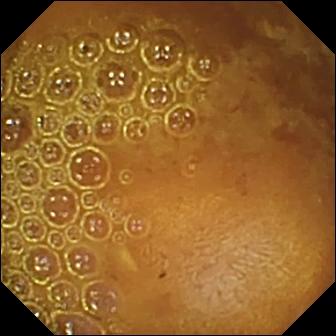- modality: video capsule endoscopy
- label: reduced mucosal view (content or bubbles obscuring the mucosa)